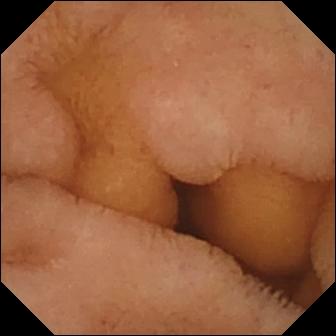Q: What does this small-bowel capsule endoscopy frame show?
A: Normal clean mucosa.